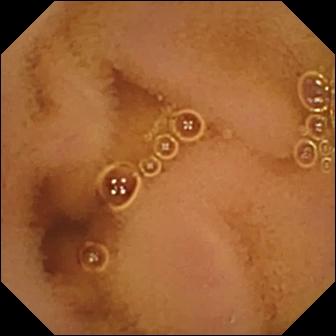modality: small-bowel capsule endoscopy | segment: small bowel | impression: normal clean mucosa